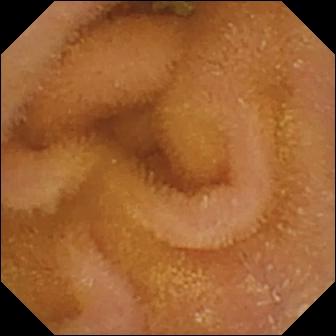Normal clean mucosa — VCE frame.